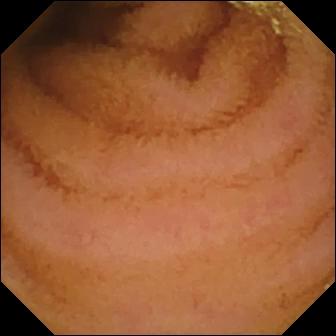Normal clean mucosa — video capsule endoscopy image.